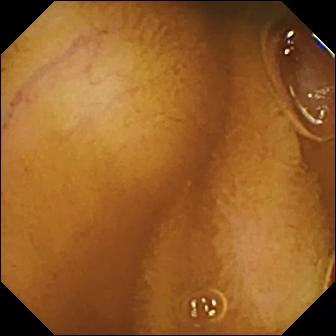PROCEDURE: Small-bowel capsule endoscopy.
SEGMENT: Small intestine.
FINDINGS: Normal clean mucosa.